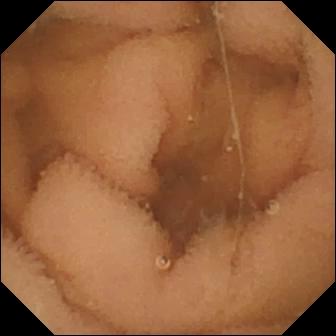Small-bowel capsule endoscopy frame (small intestine). Normal clean mucosa.